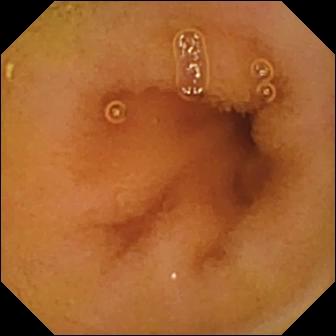{"modality": "small-bowel capsule endoscopy", "category": "luminal finding", "finding": "normal clean mucosa"}